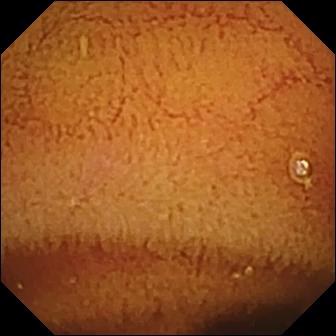Q: What does this small-bowel capsule endoscopy image show?
A: Normal clean mucosa.